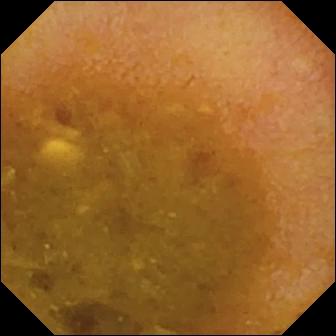Q: What does this capsule endoscopy still of the small bowel show?
A: Reduced mucosal view (content or bubbles obscuring the mucosa).